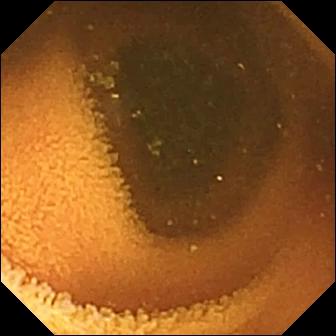Normal clean mucosa — video capsule endoscopy still.